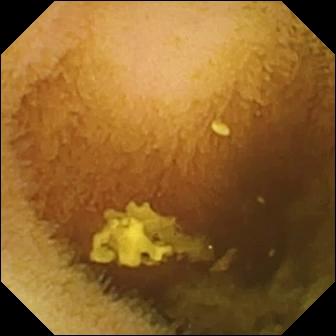This video capsule endoscopy frame shows normal clean mucosa.